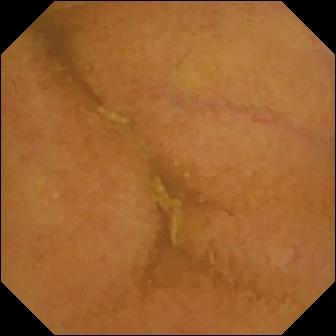Normal clean mucosa — VCE frame.